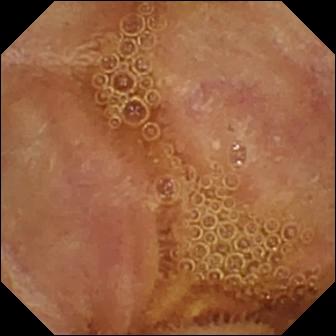WCE still, small intestine
Impression: normal clean mucosa